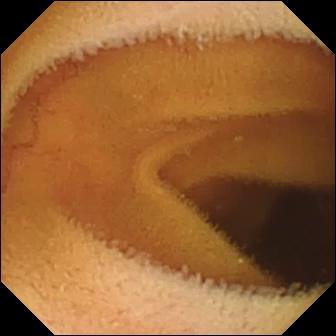Video capsule endoscopy snapshot, small intestine
Impression: normal clean mucosa